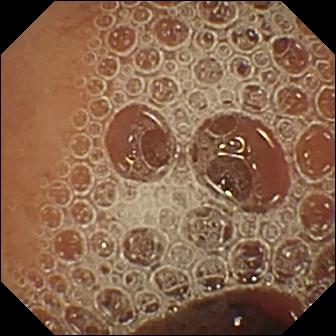This video capsule endoscopy still shows normal clean mucosa.